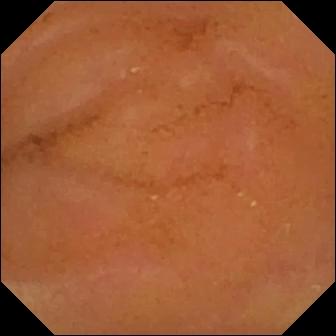This video capsule endoscopy image shows normal clean mucosa.